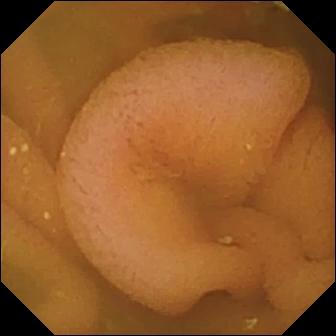Video capsule endoscopy still
Impression: normal clean mucosa